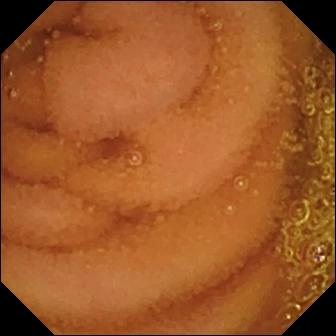Normal clean mucosa — VCE snapshot of the small bowel.